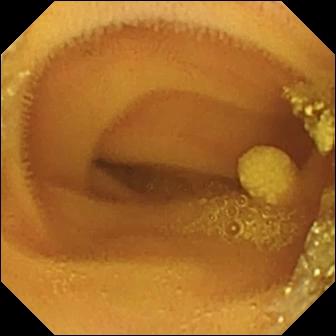PROCEDURE: Wireless capsule endoscopy.
FINDINGS: Lymphangiectasia.